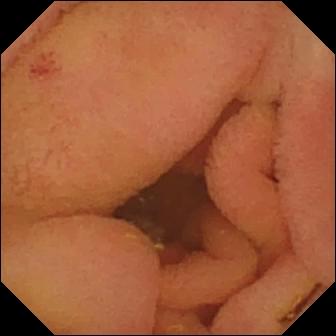PROCEDURE: Small-bowel capsule endoscopy.
FINDINGS: Angiectasia.